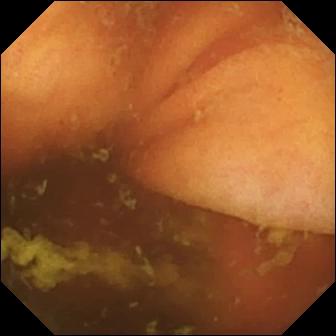Wireless capsule endoscopy snapshot
Position: ileo-cecal valve region (where the capsule passes from the small bowel into the large bowel)